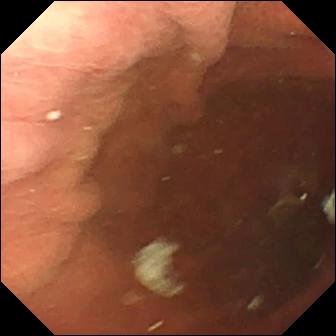Pylorus region (where the capsule passes from the stomach into the small bowel).